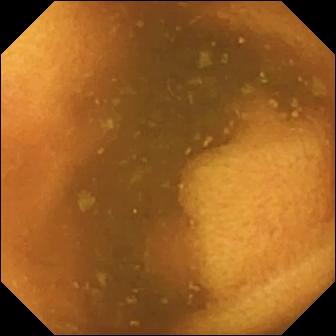WCE — normal clean mucosa.